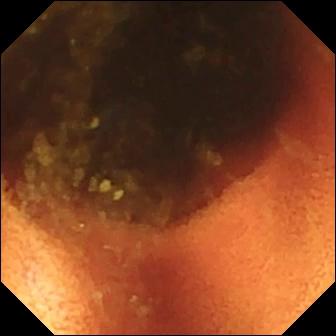Q: Where in the digestive tract was this video capsule endoscopy snapshot taken?
A: Ileo-cecal valve region (the transition from the small bowel to the large bowel).